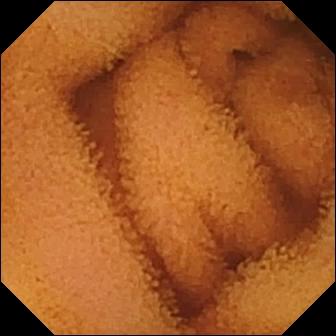Wireless capsule endoscopy. Small intestine. Finding: normal clean mucosa.